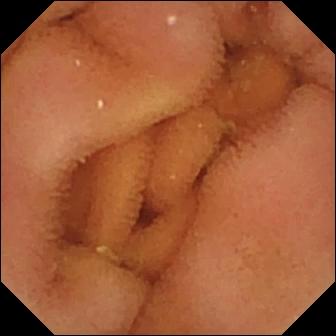Normal clean mucosa (336×336).